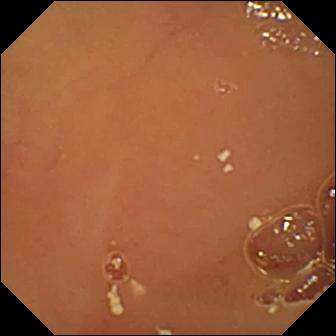This capsule endoscopy snapshot of the small intestine shows normal clean mucosa.